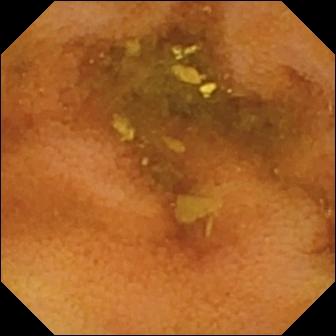Normal clean mucosa — video capsule endoscopy image.